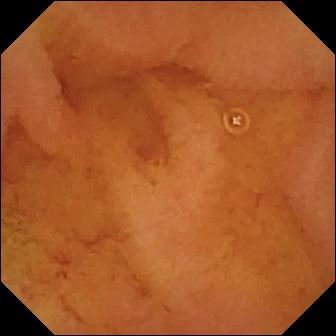WCE view showing normal clean mucosa.